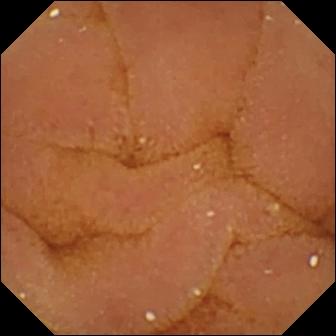PROCEDURE: Capsule endoscopy.
SEGMENT: Small bowel.
FINDINGS: Normal clean mucosa.